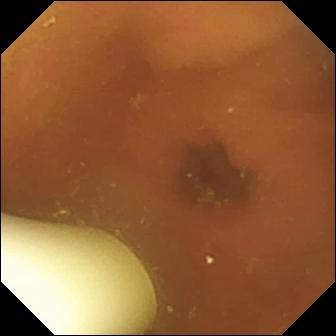Foreign body (e.g. retained capsule, tablet residue).